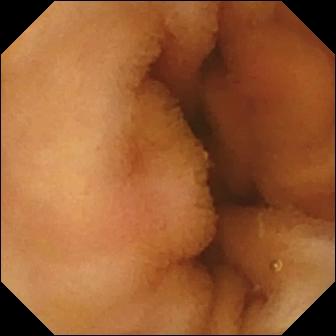PROCEDURE: WCE.
FINDINGS: Normal clean mucosa.